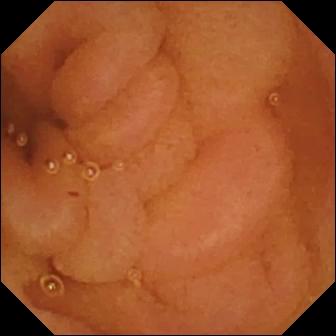{"modality": "video capsule endoscopy", "finding": "normal clean mucosa"}